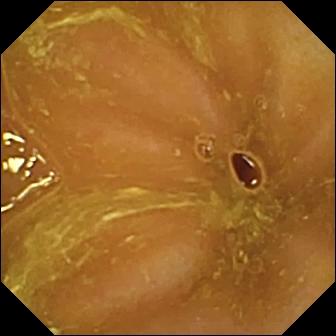Q: Where in the digestive tract was this video capsule endoscopy snapshot taken?
A: Ileo-cecal valve region (the transition from the small bowel to the large bowel).